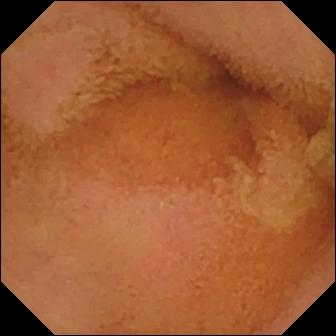Normal clean mucosa — small-bowel capsule endoscopy view.